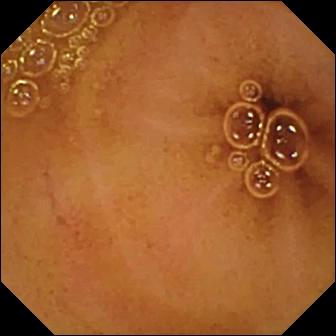modality: capsule endoscopy | segment: small bowel | observation: normal clean mucosa